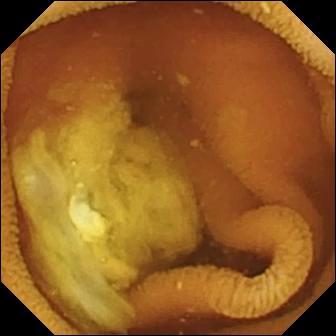Normal clean mucosa.